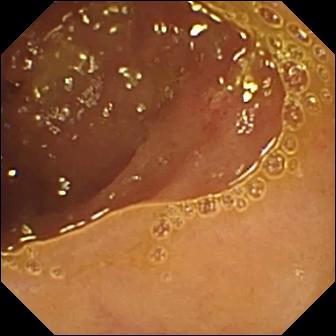Ulcer.